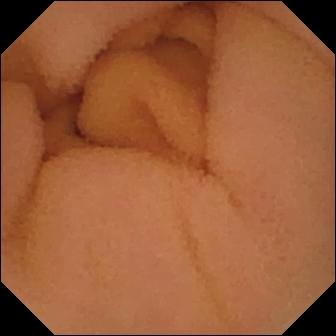Q: What does this VCE view show?
A: Normal clean mucosa.